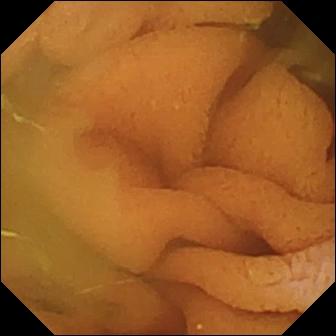{"modality": "video capsule endoscopy", "segment": "small bowel", "finding": "normal clean mucosa"}